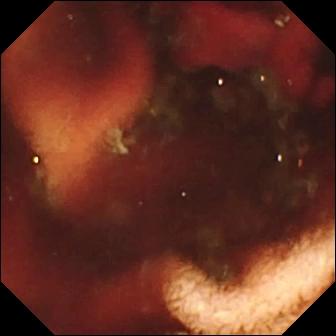Fresh blood in the lumen — WCE still.